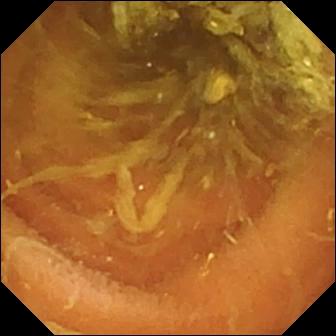This wireless capsule endoscopy snapshot shows normal clean mucosa.